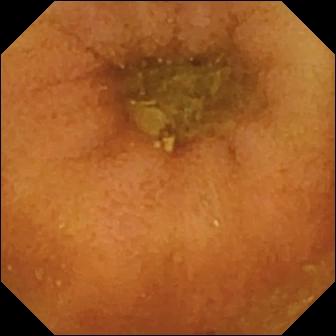PROCEDURE: Small-bowel capsule endoscopy.
FINDINGS: Normal clean mucosa.